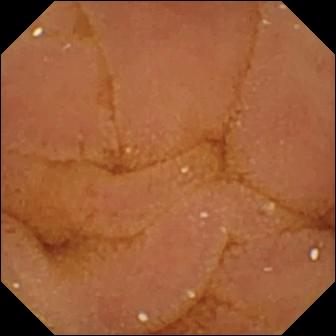Normal clean mucosa — VCE frame.